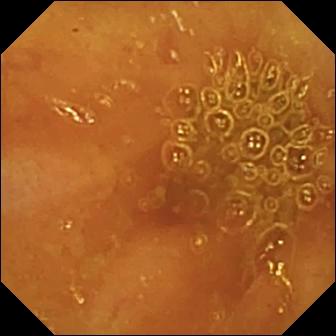Ileo-cecal valve region (where the capsule passes from the small bowel into the large bowel) — video capsule endoscopy snapshot.